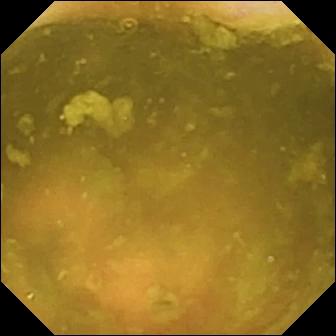PROCEDURE: Wireless capsule endoscopy.
LABEL: Ileo-cecal valve region.